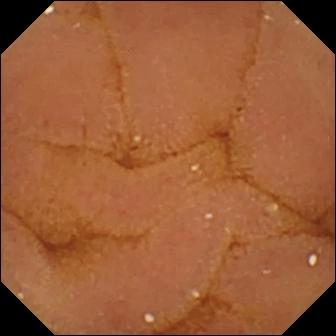PROCEDURE: Wireless capsule endoscopy.
SEGMENT: Small intestine.
FINDINGS: Normal clean mucosa.